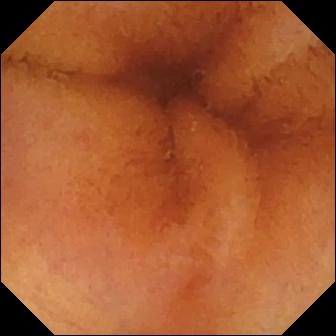modality: video capsule endoscopy; segment: small intestine; label: normal clean mucosa